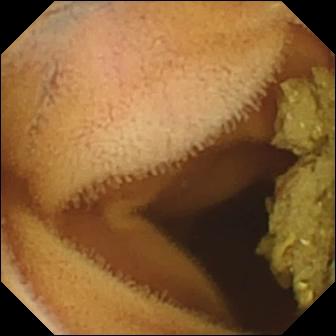Wireless capsule endoscopy still, small bowel
Finding: normal clean mucosa